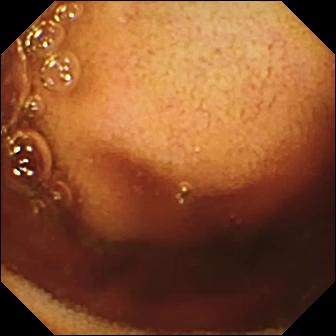Small-bowel capsule endoscopy view, 336×336. Taken in the ileo-cecal valve region (the transition from the small bowel to the large bowel).